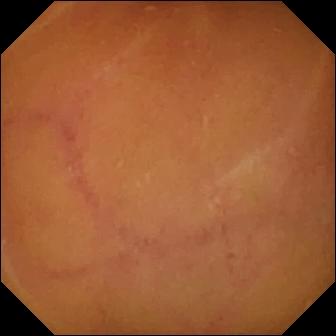VCE frame (small bowel). Normal clean mucosa.